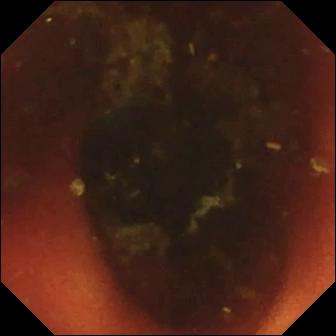Small-bowel capsule endoscopy snapshot taken in the ileo-cecal valve region (the transition from the small bowel to the large bowel).